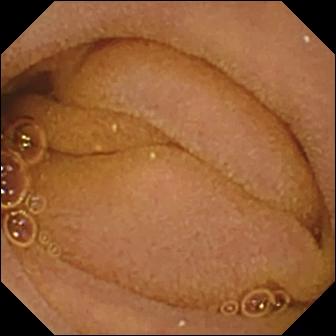Capsule endoscopy frame. Normal clean mucosa.